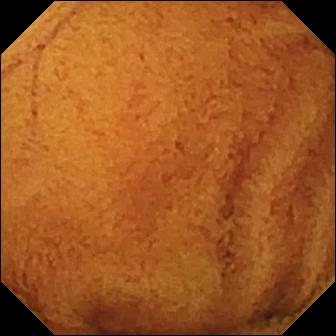VCE — normal clean mucosa.